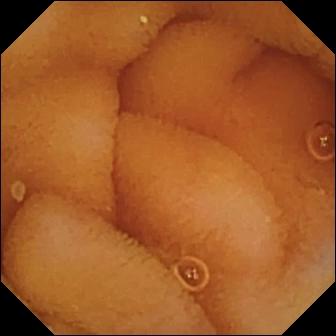Normal clean mucosa — WCE frame of the small intestine.